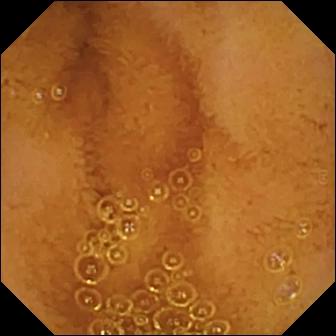Capsule endoscopy image showing normal clean mucosa.